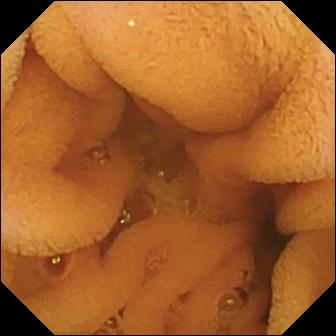Normal clean mucosa — VCE snapshot.